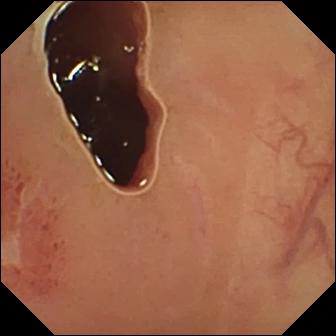- modality: capsule endoscopy
- category: luminal finding
- label: ulcer